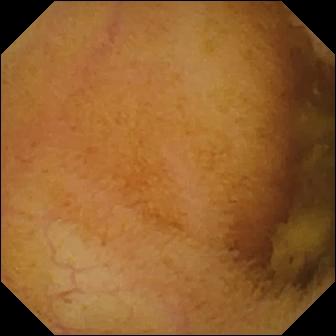VCE. Small intestine. Finding: normal clean mucosa.